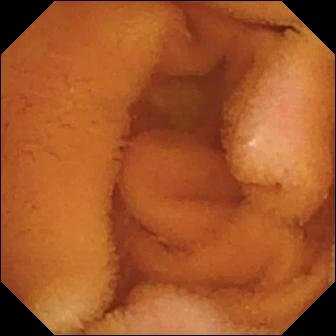VCE. Luminal finding. Label: normal clean mucosa.